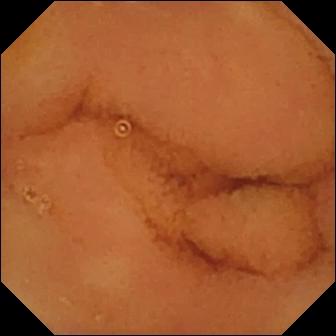Small-bowel capsule endoscopy. Small bowel. Observation: normal clean mucosa.